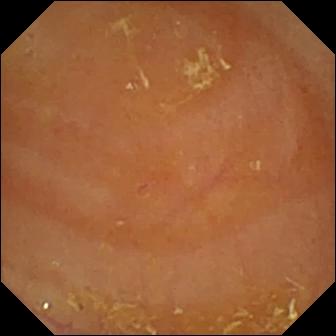Reduced mucosal view (content or bubbles obscuring the mucosa).